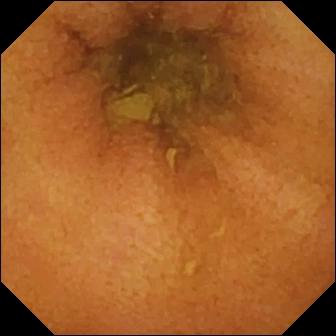Capsule endoscopy. Finding: normal clean mucosa.